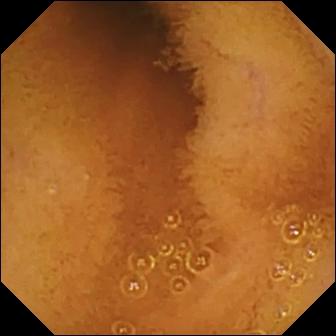{"modality": "capsule endoscopy", "finding": "normal clean mucosa"}